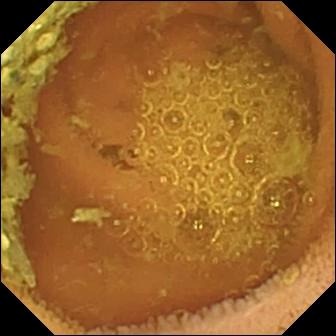Normal clean mucosa (336×336).